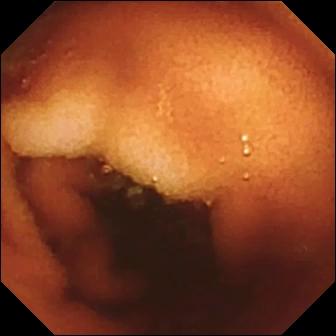modality: small-bowel capsule endoscopy | category: anatomical landmark | video segment: ileo-cecal valve region (where the capsule passes from the small bowel into the large bowel)